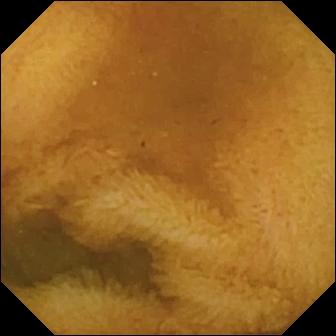Wireless capsule endoscopy. Impression: normal clean mucosa.